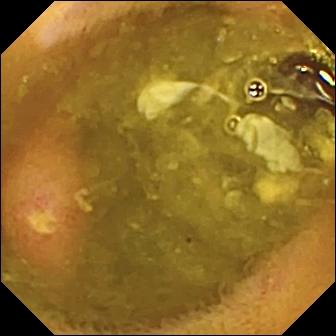This small-bowel capsule endoscopy image shows ulcer.